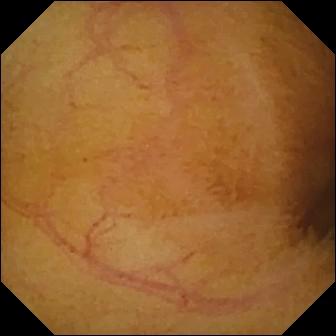Capsule endoscopy — normal clean mucosa.